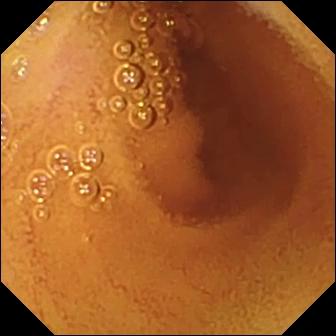Small-bowel capsule endoscopy view, 336×336. Normal clean mucosa.